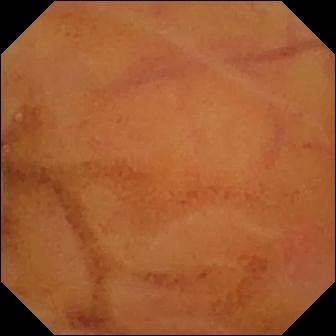modality: capsule endoscopy; segment: small bowel; observation: normal clean mucosa